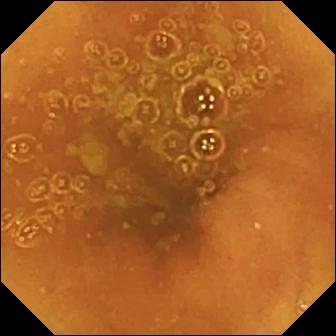modality: VCE | position: ileo-cecal valve region (where the capsule passes from the small bowel into the large bowel)